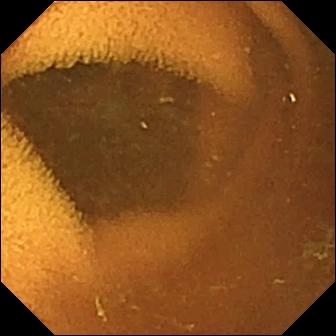Small-bowel capsule endoscopy image. Normal clean mucosa.